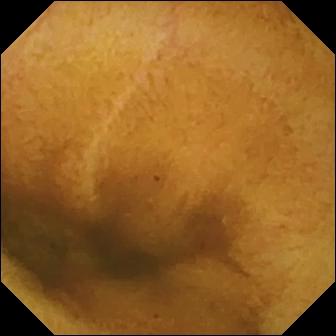Wireless capsule endoscopy — normal clean mucosa.